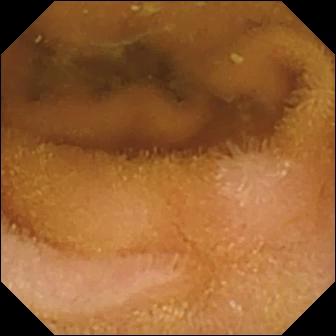WCE still of the small bowel showing normal clean mucosa.